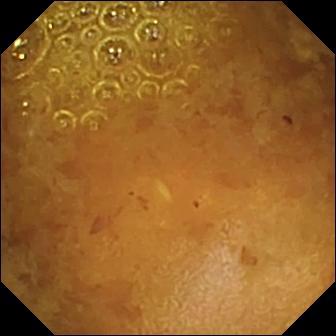Wireless capsule endoscopy image showing reduced mucosal view (content or bubbles obscuring the mucosa).